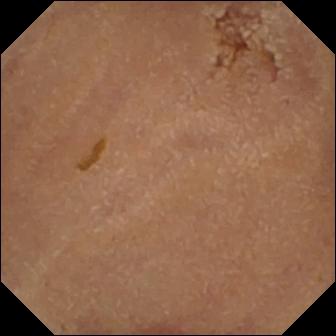Q: What does this capsule endoscopy view of the small intestine show?
A: Normal clean mucosa.